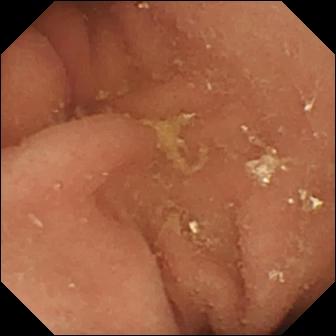WCE. Video segment: pylorus region.